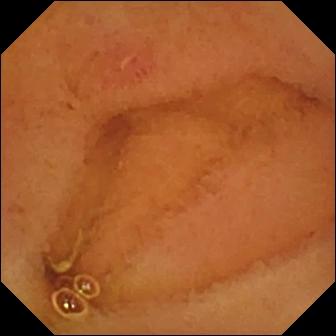Erosion.